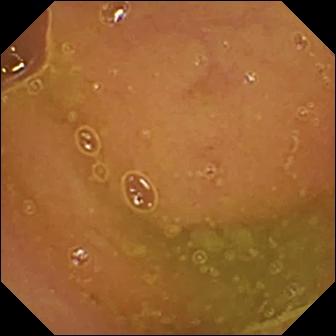Capsule endoscopy — normal clean mucosa.